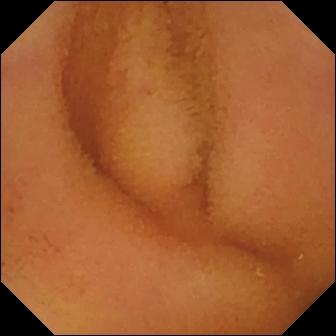Small-bowel capsule endoscopy still
Impression: normal clean mucosa